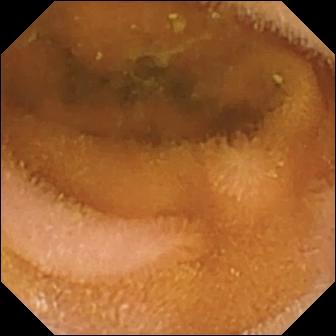Normal clean mucosa — small-bowel capsule endoscopy snapshot of the small intestine.